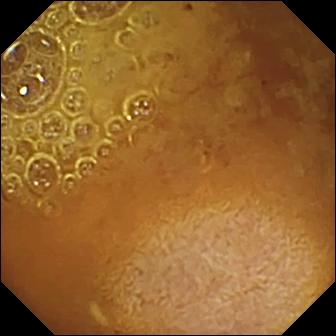{"modality": "small-bowel capsule endoscopy", "segment": "small intestine", "finding": "reduced mucosal view (content or bubbles obscuring the mucosa)"}